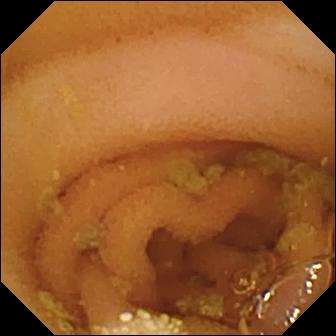Small-bowel capsule endoscopy snapshot showing lymphangiectasia.